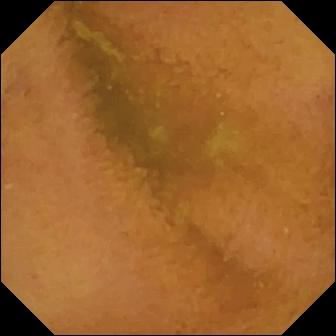modality: WCE
segment: small intestine
category: luminal finding
impression: normal clean mucosa